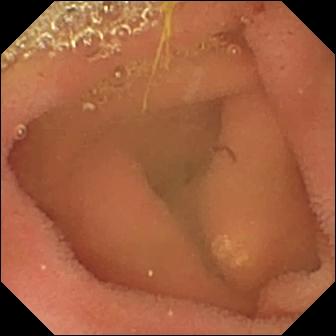Q: What does this video capsule endoscopy still show?
A: Lymphangiectasia.